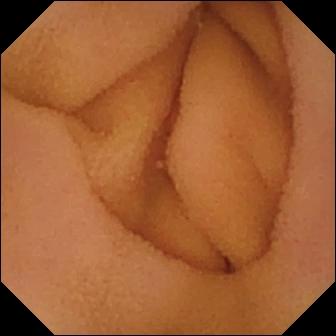Normal clean mucosa.